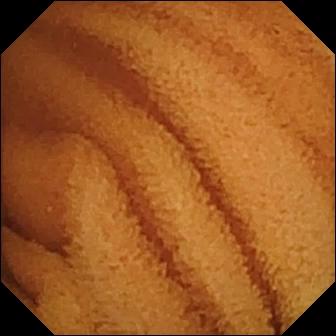Normal clean mucosa (336×336).